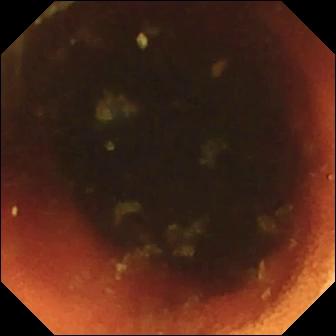WCE. Location: ileo-cecal valve region (the transition from the small bowel to the large bowel).